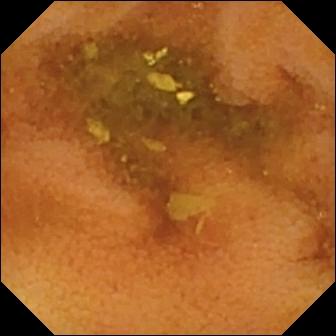Q: What does this WCE frame show?
A: Normal clean mucosa.